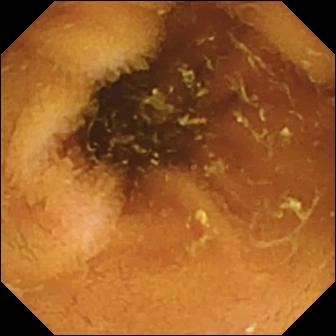- modality: video capsule endoscopy
- segment: small intestine
- impression: normal clean mucosa